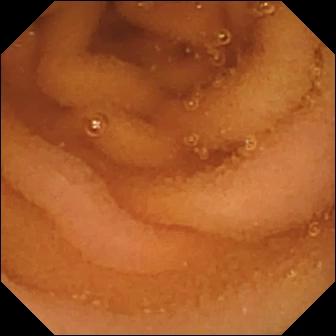Small-bowel capsule endoscopy — normal clean mucosa.